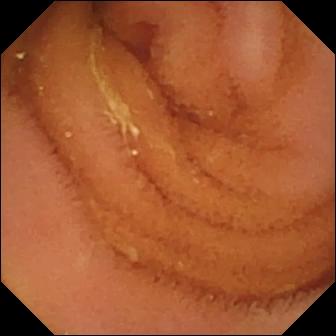Small-bowel capsule endoscopy still of the small intestine showing normal clean mucosa.